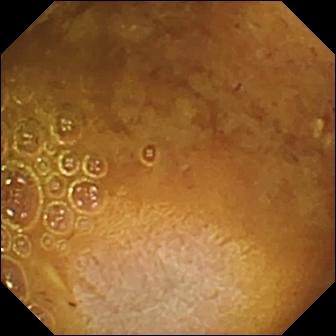PROCEDURE: Wireless capsule endoscopy.
SEGMENT: Small bowel.
FINDINGS: Reduced mucosal view (content or bubbles obscuring the mucosa).